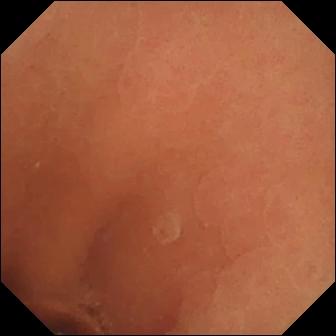Normal clean mucosa — VCE view.